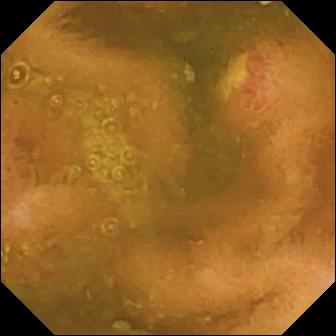WCE still. Ulcer.